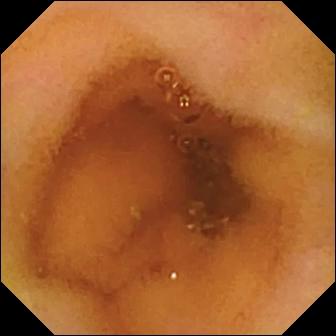Wireless capsule endoscopy frame of the small intestine showing normal clean mucosa.